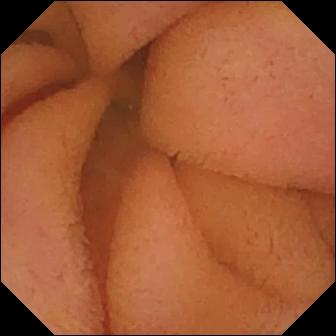Normal clean mucosa.